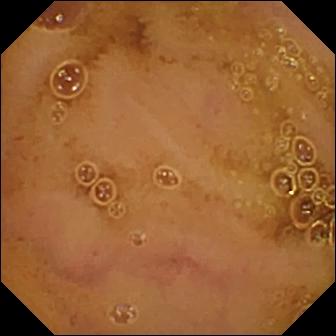WCE view showing normal clean mucosa.